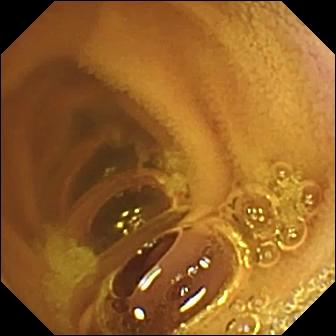Small-bowel capsule endoscopy frame showing normal clean mucosa.